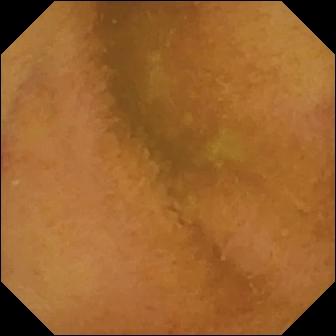modality: wireless capsule endoscopy
segment: small intestine
impression: normal clean mucosa